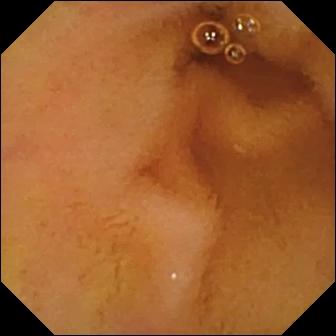Normal clean mucosa — VCE still.